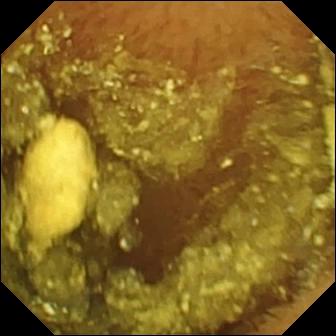Small-bowel capsule endoscopy image (small bowel). Normal clean mucosa.